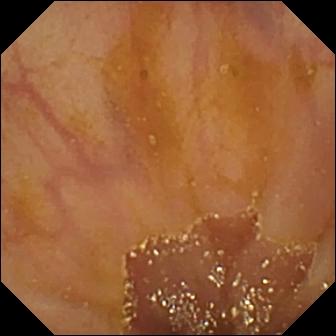VCE frame
Location: ileo-cecal valve region (the transition from the small bowel to the large bowel)